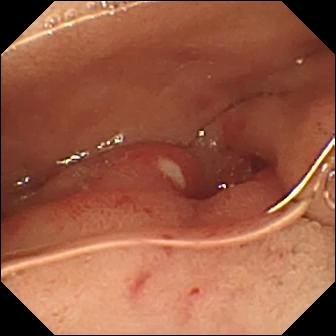Wireless capsule endoscopy — ulcer.